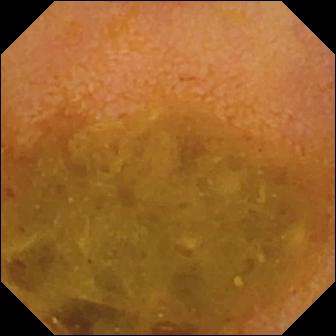Capsule endoscopy image
Observation: reduced mucosal view (content or bubbles obscuring the mucosa)